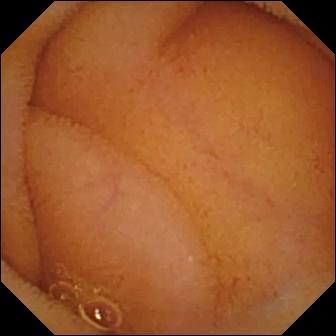- modality: VCE
- segment: small bowel
- category: luminal finding
- finding: normal clean mucosa